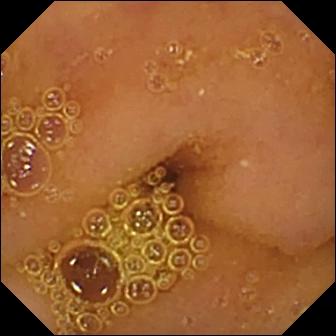Normal clean mucosa.